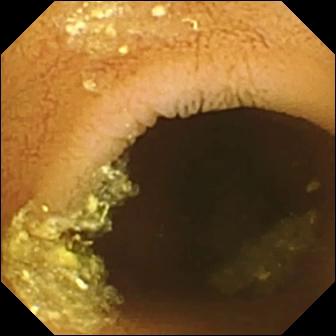Capsule endoscopy image
Finding: normal clean mucosa